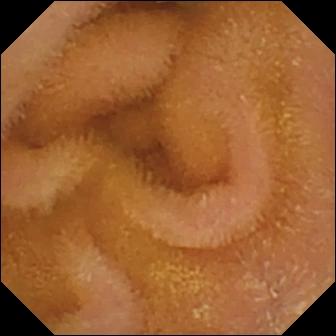Normal clean mucosa — capsule endoscopy image.